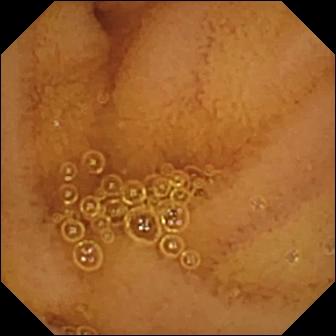Small-bowel capsule endoscopy image, small bowel
Label: normal clean mucosa